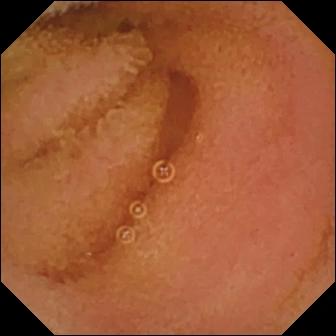Normal clean mucosa — WCE image.